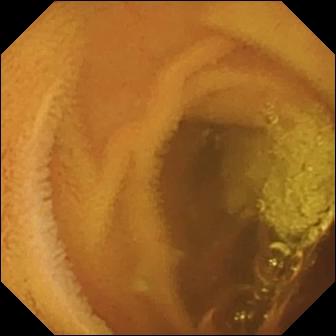Video capsule endoscopy — normal clean mucosa.